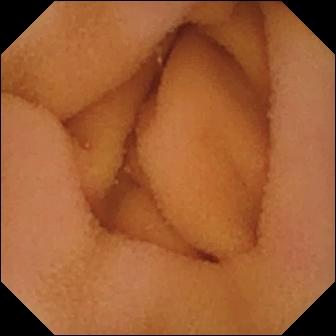Wireless capsule endoscopy snapshot
Impression: normal clean mucosa